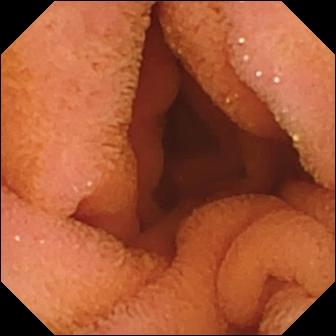Normal clean mucosa — video capsule endoscopy image.